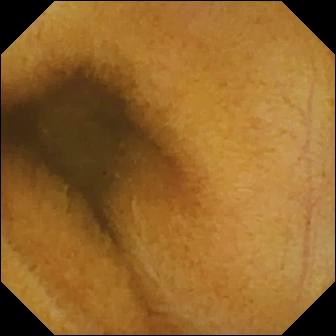WCE — normal clean mucosa.